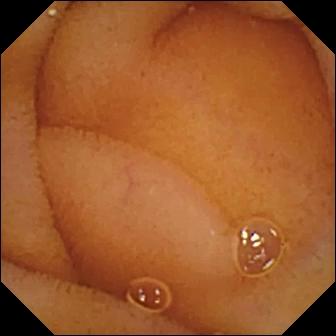PROCEDURE: WCE.
SEGMENT: Small bowel.
FINDINGS: Normal clean mucosa.